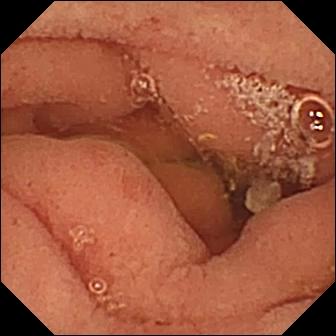Q: Where in the digestive tract was this WCE frame taken?
A: Pylorus region (where the capsule passes from the stomach into the small bowel).